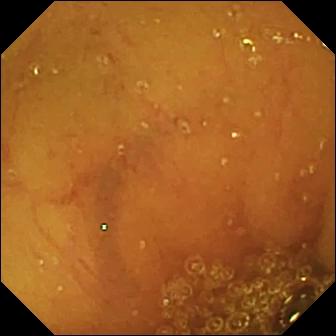modality: small-bowel capsule endoscopy
category: luminal finding
impression: normal clean mucosa